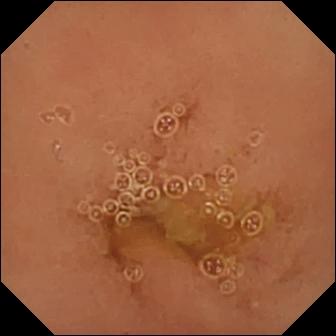- modality: capsule endoscopy
- segment: small bowel
- observation: normal clean mucosa